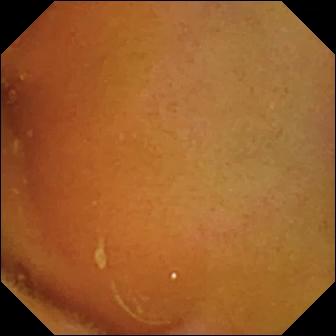PROCEDURE: WCE.
SEGMENT: Small bowel.
FINDINGS: Normal clean mucosa.